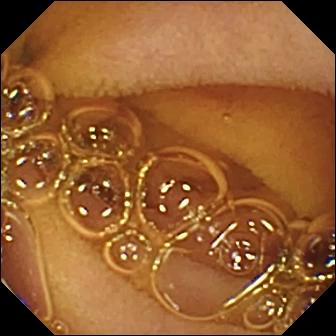WCE. Impression: normal clean mucosa.